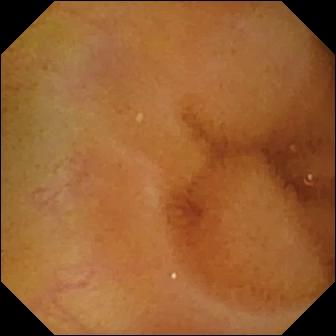- modality: small-bowel capsule endoscopy
- segment: small intestine
- finding: normal clean mucosa